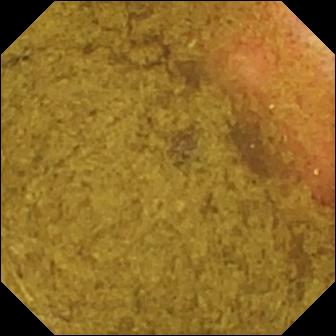Q: Where in the digestive tract was this VCE still taken?
A: Ileo-cecal valve region.